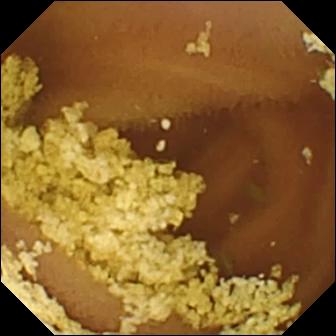WCE — normal clean mucosa.